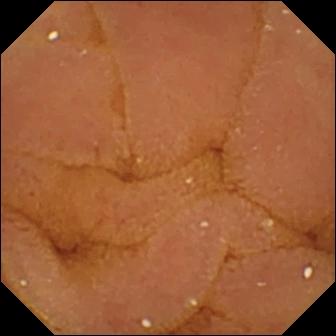Capsule endoscopy — normal clean mucosa.